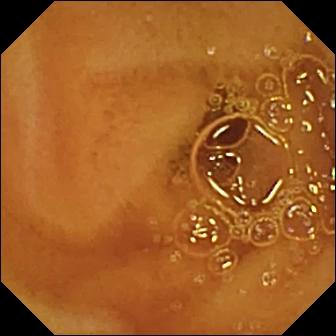VCE image (small intestine), 336×336. Normal clean mucosa.